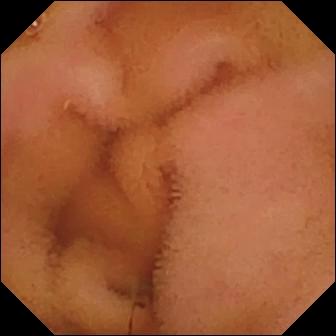Video capsule endoscopy image showing normal clean mucosa.